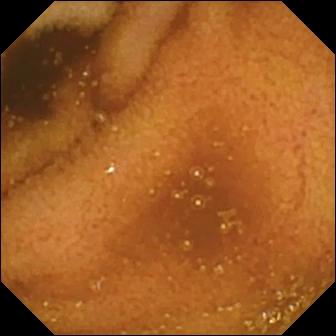Small-bowel capsule endoscopy frame of the small intestine showing normal clean mucosa.